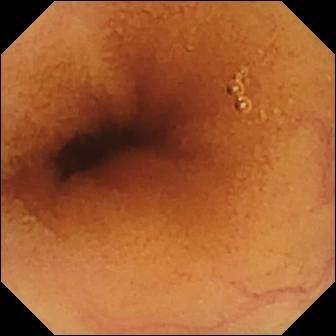- modality: WCE
- segment: small bowel
- finding: normal clean mucosa